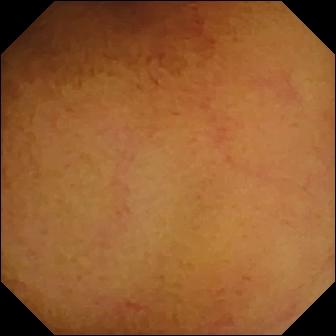This WCE still shows normal clean mucosa.